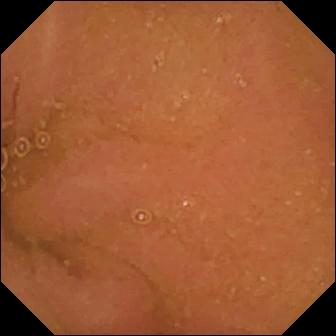Normal clean mucosa — WCE frame of the small intestine.